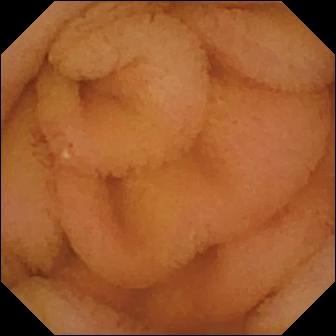modality: VCE | impression: normal clean mucosa